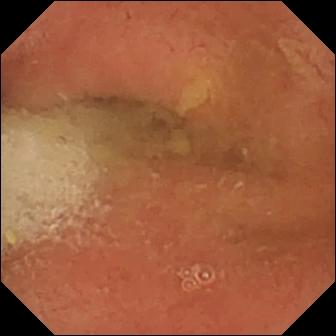Q: Where in the digestive tract was this wireless capsule endoscopy image taken?
A: Pylorus region.